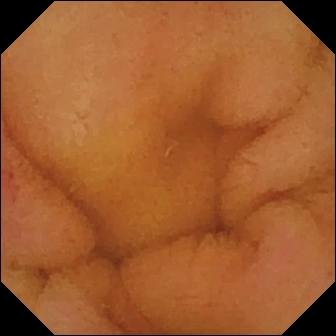Video capsule endoscopy. Small intestine. Impression: normal clean mucosa.